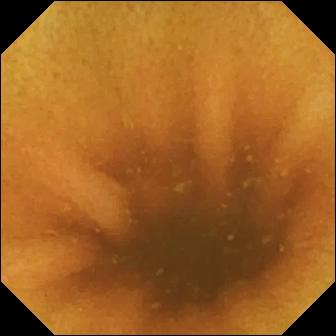PROCEDURE: Wireless capsule endoscopy.
FINDINGS: Normal clean mucosa.